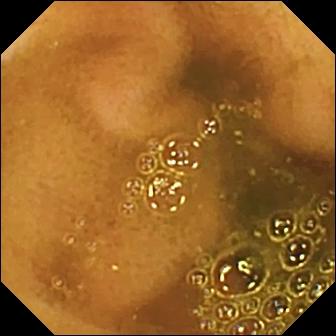Q: Where in the digestive tract was this small-bowel capsule endoscopy view taken?
A: Ileo-cecal valve region (the transition from the small bowel to the large bowel).